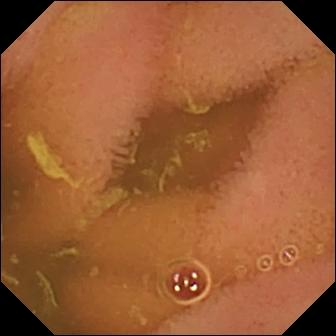modality: wireless capsule endoscopy; segment: small intestine; observation: normal clean mucosa